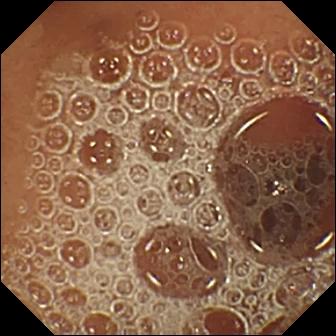Normal clean mucosa — WCE view.